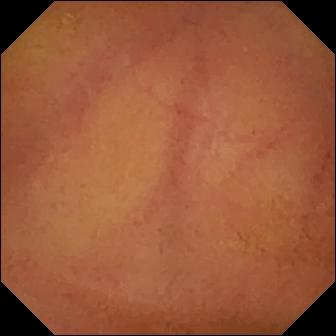Normal clean mucosa.